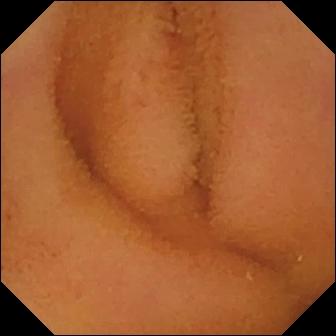Wireless capsule endoscopy. Label: normal clean mucosa.